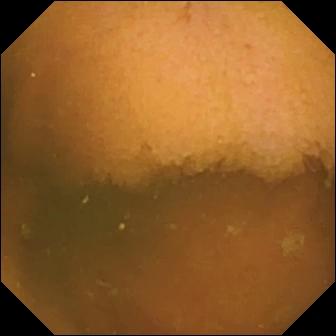Normal clean mucosa.